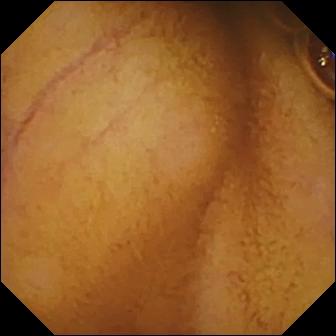Video capsule endoscopy frame, small intestine
Impression: normal clean mucosa